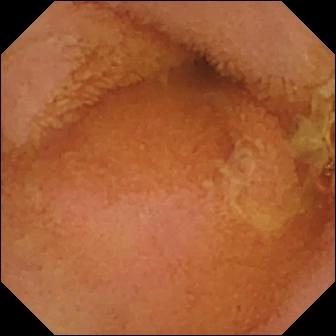Q: What does this capsule endoscopy view of the small intestine show?
A: Normal clean mucosa.